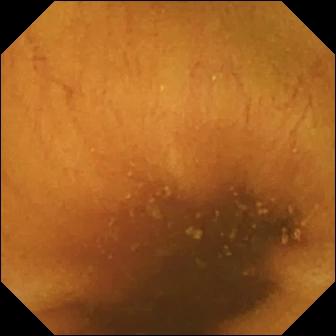Q: What does this WCE still of the small intestine show?
A: Normal clean mucosa.